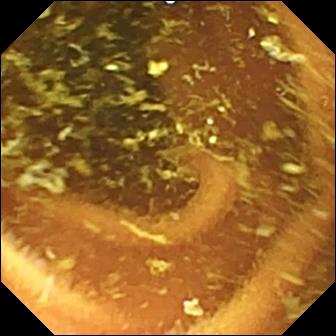Small-bowel capsule endoscopy — normal clean mucosa.